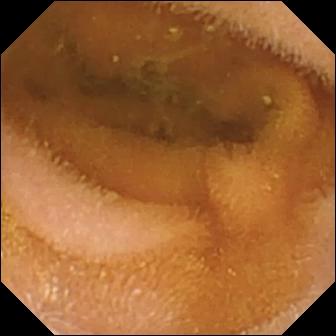modality: video capsule endoscopy | segment: small intestine | finding: normal clean mucosa